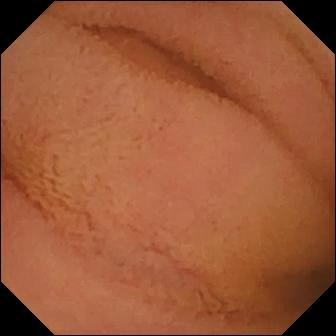Normal clean mucosa.